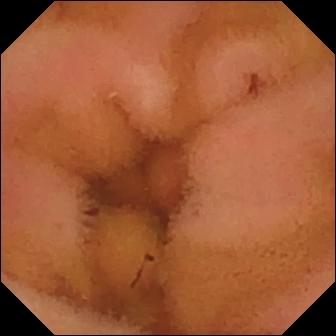VCE view (small intestine). Normal clean mucosa.